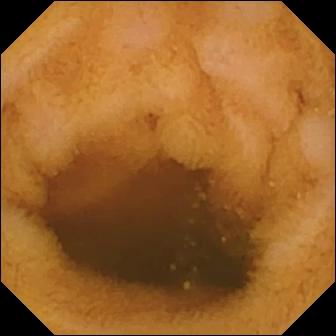Normal clean mucosa — VCE view of the small intestine.